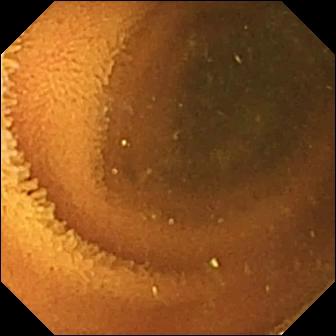Capsule endoscopy still of the small bowel showing normal clean mucosa.